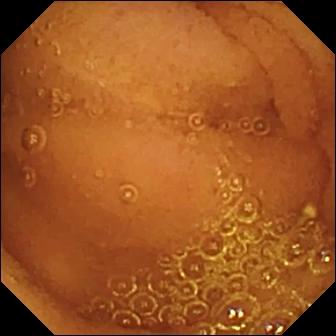WCE frame showing normal clean mucosa.